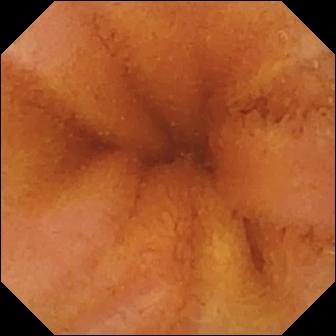Wireless capsule endoscopy view
Finding: normal clean mucosa